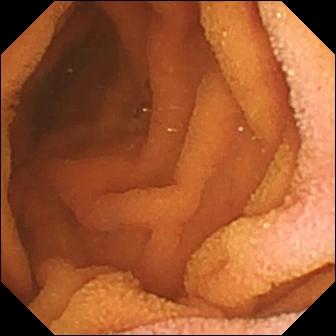PROCEDURE: Wireless capsule endoscopy.
SEGMENT: Small intestine.
FINDINGS: Normal clean mucosa.